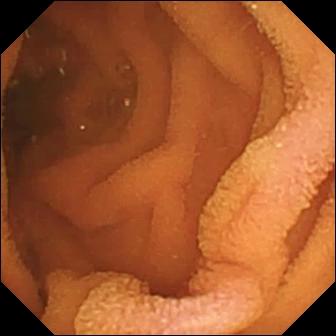This VCE view of the small intestine shows normal clean mucosa.